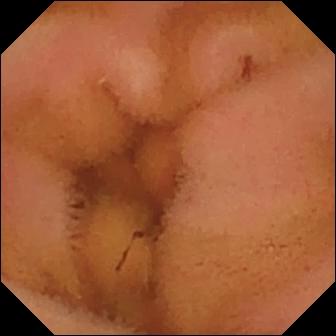This capsule endoscopy still of the small bowel shows normal clean mucosa.